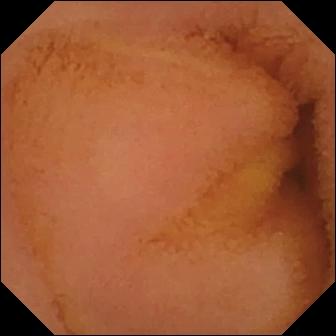Capsule endoscopy — normal clean mucosa.